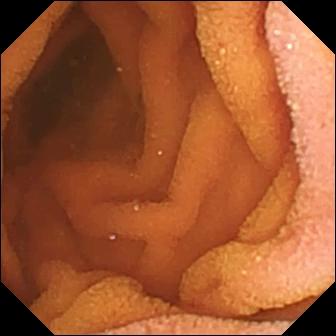Q: What does this small-bowel capsule endoscopy still show?
A: Normal clean mucosa.